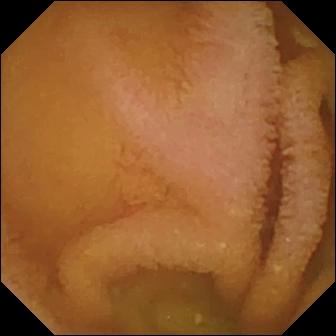{"modality": "small-bowel capsule endoscopy", "segment": "small intestine", "category": "luminal finding", "finding": "normal clean mucosa"}